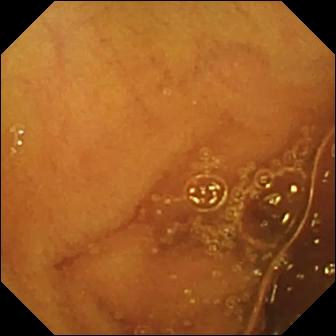WCE still. Normal clean mucosa.